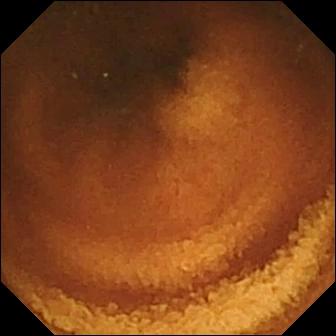PROCEDURE: Capsule endoscopy.
SEGMENT: Small bowel.
FINDINGS: Normal clean mucosa.